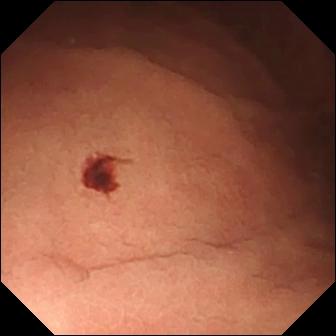Angiectasia (336×336).